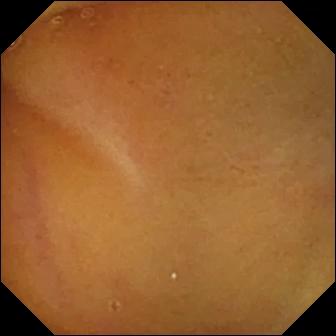PROCEDURE: Small-bowel capsule endoscopy.
FINDINGS: Normal clean mucosa.